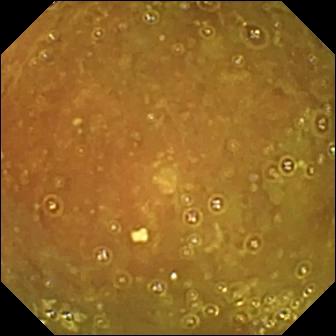Ileo-cecal valve region (the transition from the small bowel to the large bowel).